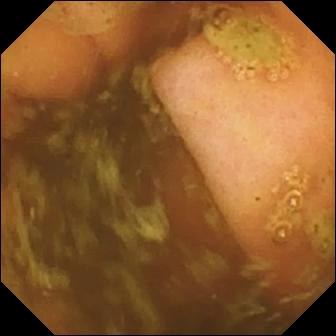This capsule endoscopy image was taken in the ileo-cecal valve region (the transition from the small bowel to the large bowel).